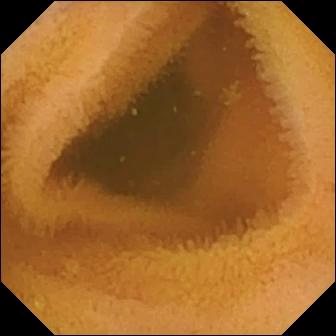{"modality": "wireless capsule endoscopy", "segment": "small bowel", "finding": "normal clean mucosa"}